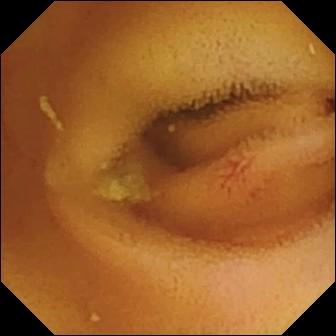Angiectasia (336×336).